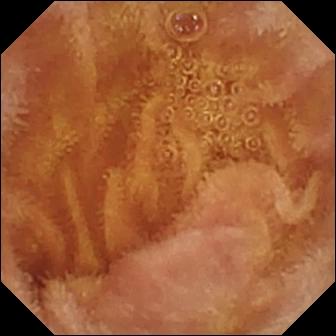Normal clean mucosa — capsule endoscopy snapshot of the small bowel.